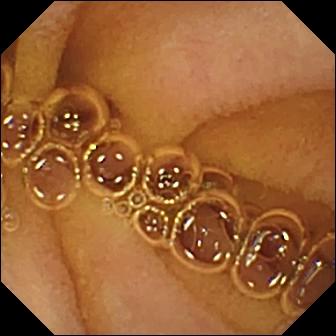{"modality": "video capsule endoscopy", "segment": "small intestine", "finding": "normal clean mucosa"}